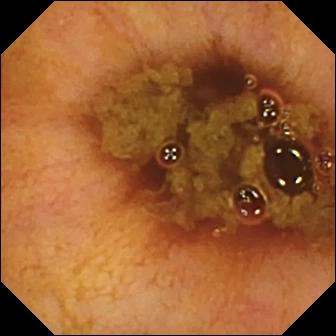Q: Where in the digestive tract was this small-bowel capsule endoscopy view taken?
A: Ileo-cecal valve region.